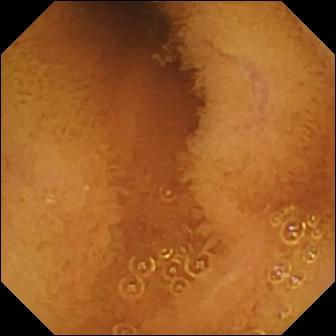- modality: WCE
- label: normal clean mucosa